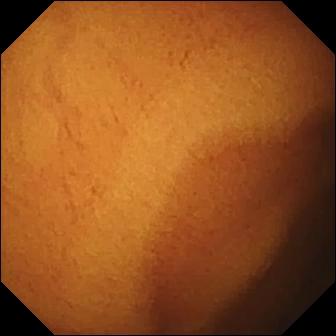Wireless capsule endoscopy still of the small bowel showing normal clean mucosa.